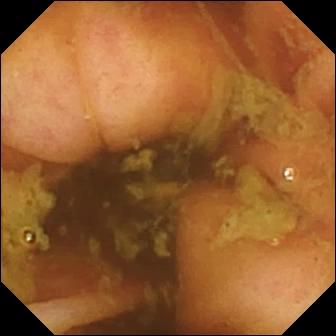Q: Where in the digestive tract was this capsule endoscopy snapshot taken?
A: Ileo-cecal valve region.